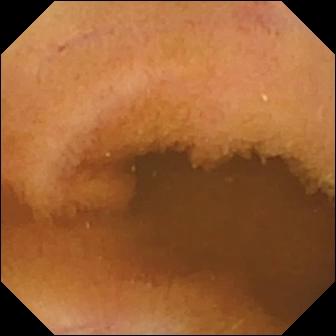WCE image
Impression: normal clean mucosa